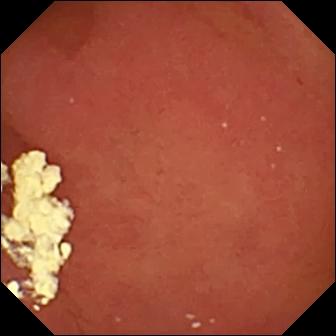modality: small-bowel capsule endoscopy; video segment: pylorus region (where the capsule passes from the stomach into the small bowel)